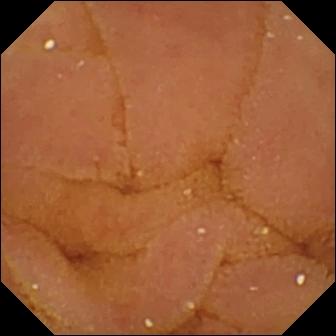Wireless capsule endoscopy — normal clean mucosa.